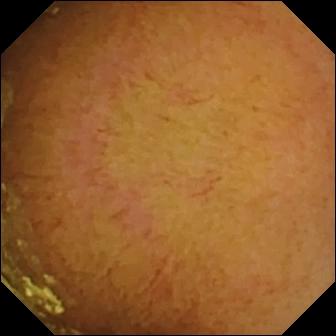{"modality": "video capsule endoscopy", "finding": "normal clean mucosa"}